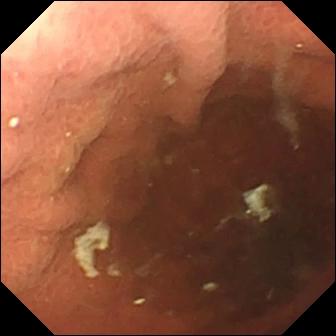Video capsule endoscopy — pylorus region (where the capsule passes from the stomach into the small bowel).